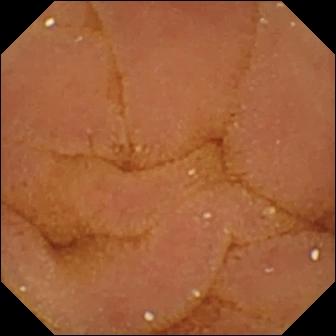{"modality": "VCE", "segment": "small intestine", "finding": "normal clean mucosa"}